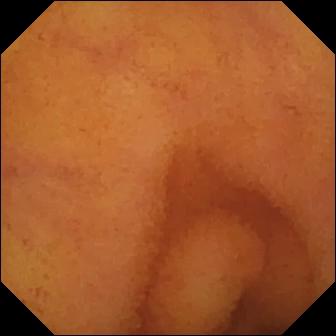{"modality": "wireless capsule endoscopy", "segment": "small intestine", "category": "luminal finding", "finding": "normal clean mucosa"}